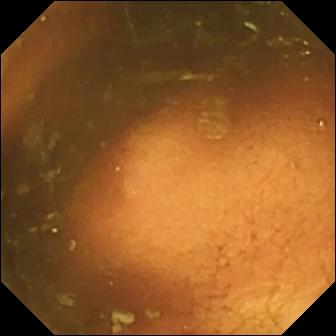Video capsule endoscopy. Label: ileo-cecal valve region (where the capsule passes from the small bowel into the large bowel).